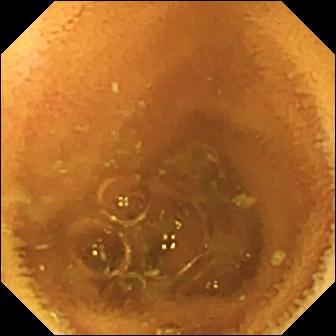VCE. Label: normal clean mucosa.